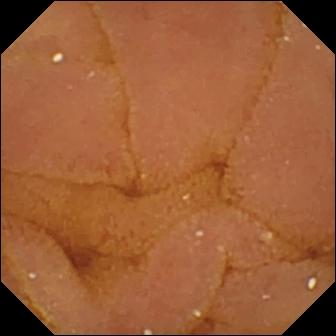modality: video capsule endoscopy | label: normal clean mucosa